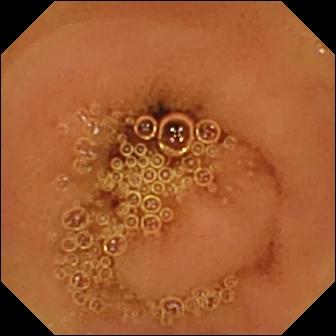modality: VCE; segment: small bowel; category: luminal finding; finding: normal clean mucosa